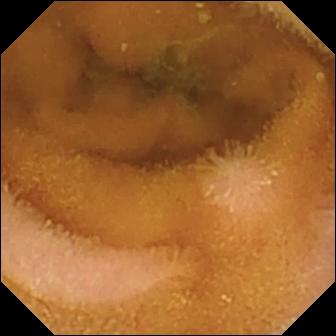- modality: VCE
- segment: small bowel
- observation: normal clean mucosa